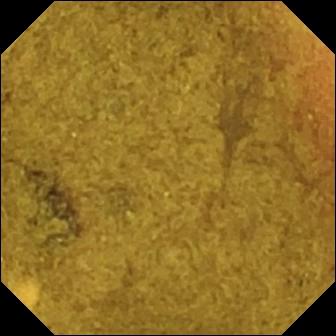Video capsule endoscopy — ileo-cecal valve region (where the capsule passes from the small bowel into the large bowel).